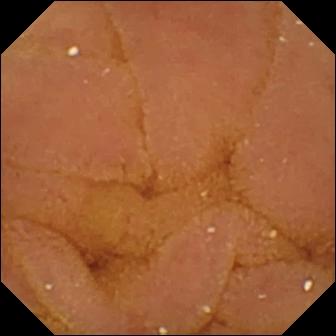VCE — normal clean mucosa.